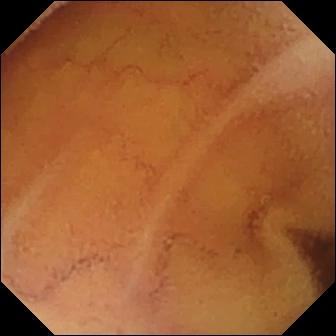PROCEDURE: Wireless capsule endoscopy.
FINDINGS: Normal clean mucosa.